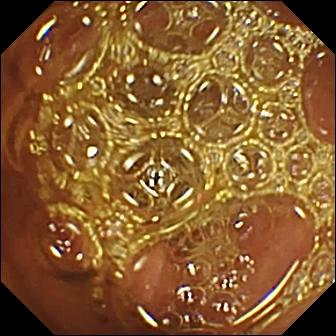Normal clean mucosa.